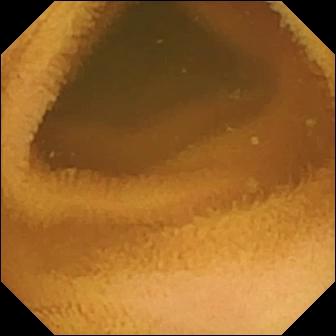Capsule endoscopy view
Label: normal clean mucosa